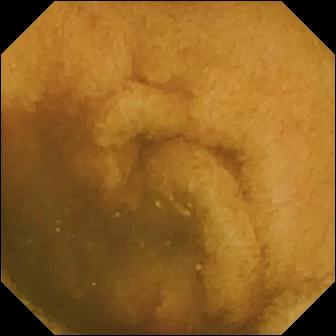Normal clean mucosa — video capsule endoscopy view.